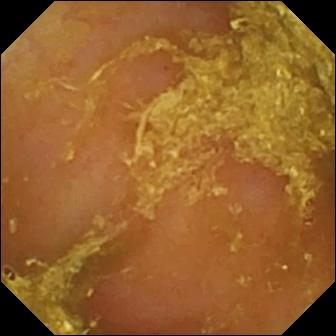Video capsule endoscopy still, small intestine
Observation: reduced mucosal view (content or bubbles obscuring the mucosa)